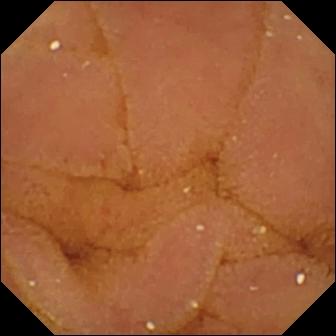{"modality": "small-bowel capsule endoscopy", "segment": "small intestine", "finding": "normal clean mucosa"}